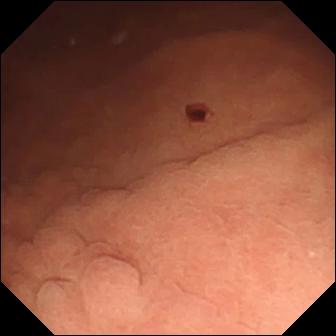- modality: WCE
- label: angiectasia